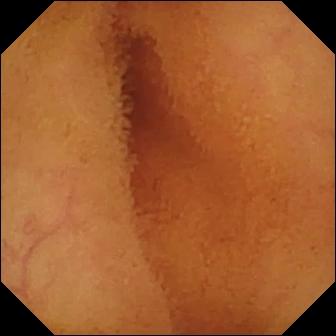PROCEDURE: Capsule endoscopy.
FINDINGS: Normal clean mucosa.